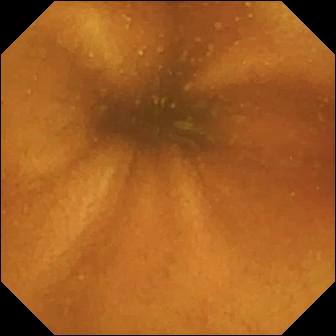Small-bowel capsule endoscopy. Small intestine. Finding: normal clean mucosa.